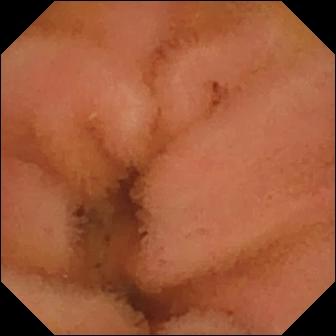This small-bowel capsule endoscopy view shows normal clean mucosa.